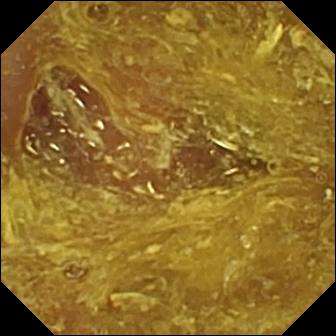Small-bowel capsule endoscopy still. Reduced mucosal view (content or bubbles obscuring the mucosa).